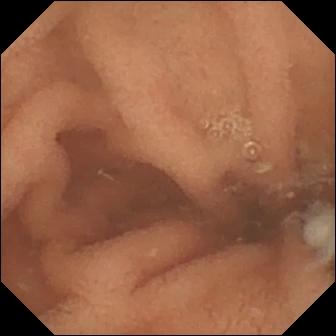{"modality": "wireless capsule endoscopy", "segment": "small intestine", "category": "luminal finding", "finding": "normal clean mucosa"}